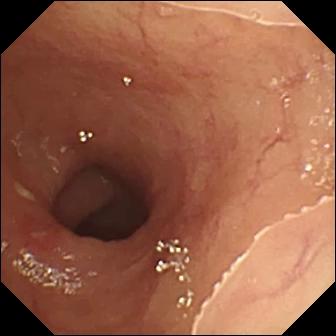This VCE frame shows ulcer.